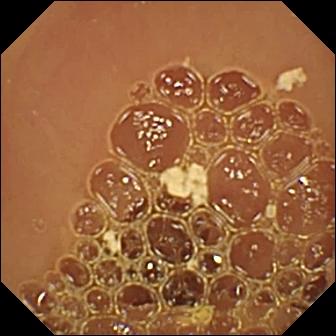WCE view showing normal clean mucosa.